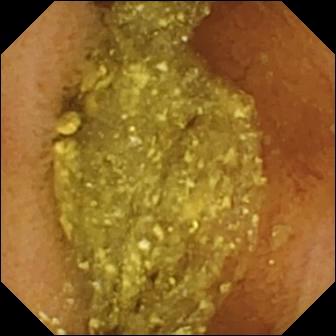Video capsule endoscopy frame showing normal clean mucosa.